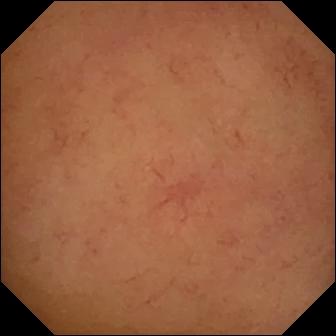Normal clean mucosa (336×336).